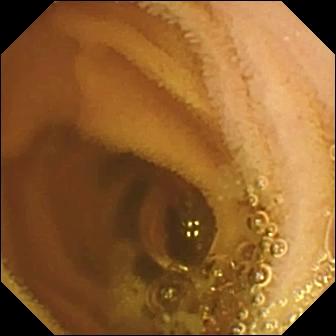Capsule endoscopy. Small intestine. Observation: normal clean mucosa.